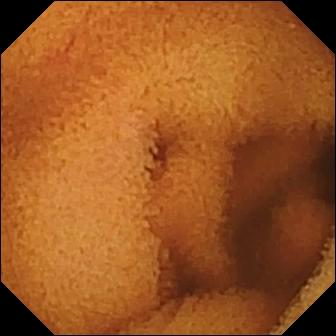{"modality": "WCE", "segment": "small bowel", "finding": "normal clean mucosa"}